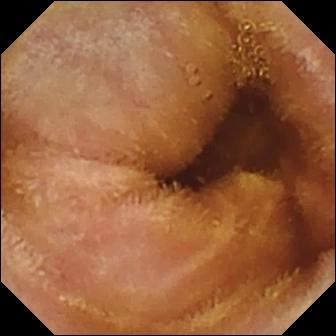Video capsule endoscopy — normal clean mucosa.